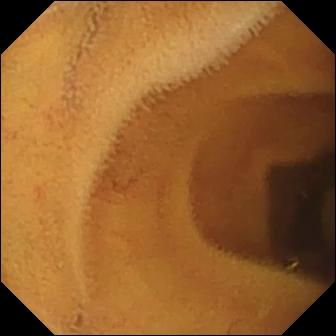Capsule endoscopy view, 336×336. Normal clean mucosa.